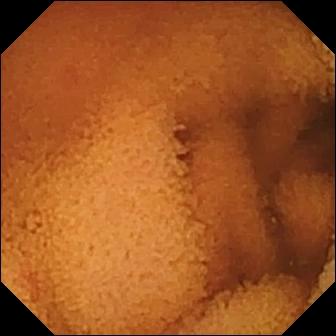Wireless capsule endoscopy frame (small bowel), 336×336. Normal clean mucosa.